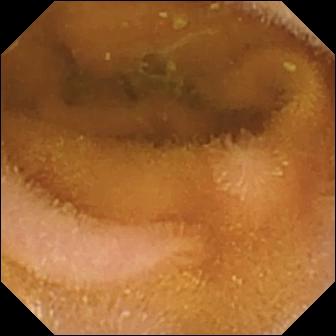Normal clean mucosa — video capsule endoscopy image of the small intestine.